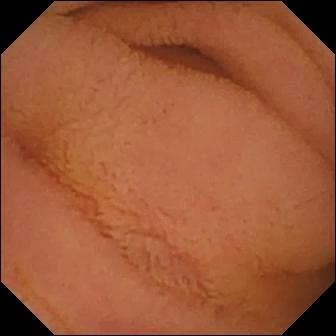WCE — normal clean mucosa.